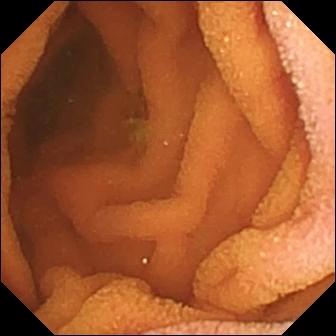Q: What does this video capsule endoscopy image show?
A: Normal clean mucosa.